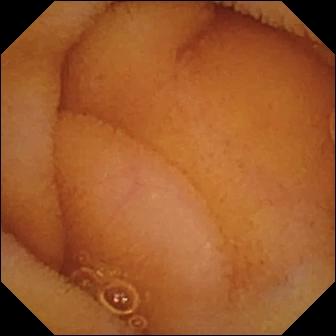Wireless capsule endoscopy — normal clean mucosa.